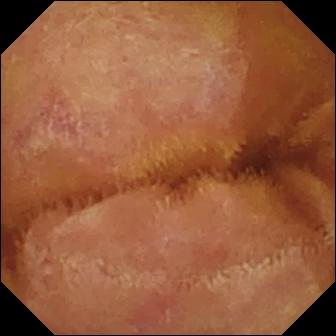WCE — normal clean mucosa.